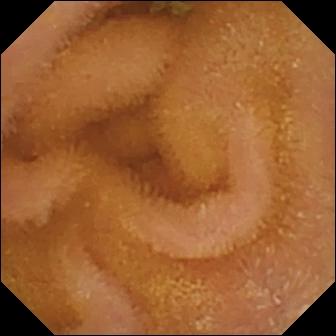modality: VCE
segment: small intestine
finding: normal clean mucosa